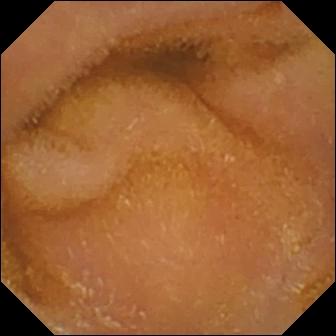Wireless capsule endoscopy — normal clean mucosa.